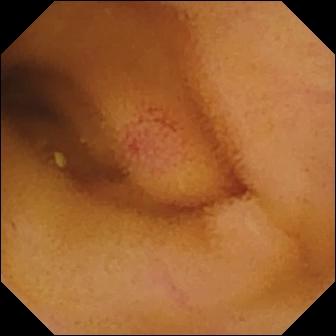modality: wireless capsule endoscopy
label: angiectasia